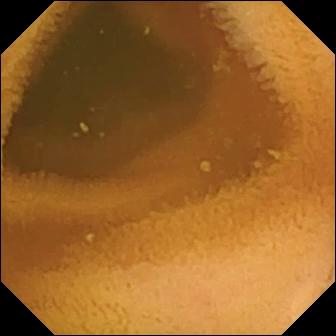- modality: video capsule endoscopy
- segment: small bowel
- impression: normal clean mucosa